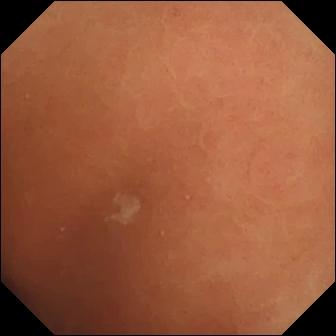{"modality": "video capsule endoscopy", "category": "luminal finding", "finding": "normal clean mucosa"}